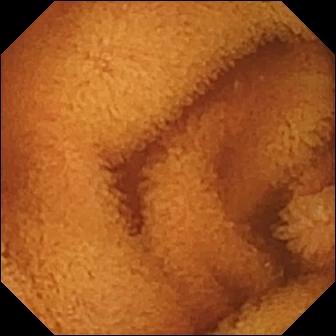VCE view, small intestine
Observation: normal clean mucosa